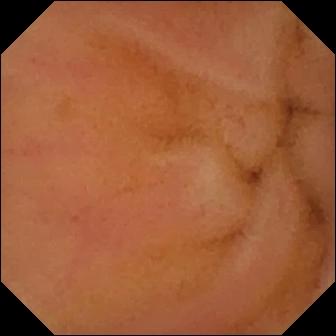Wireless capsule endoscopy snapshot showing erythema (mucosal redness).